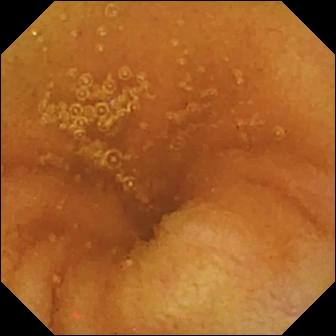Normal clean mucosa (336×336).